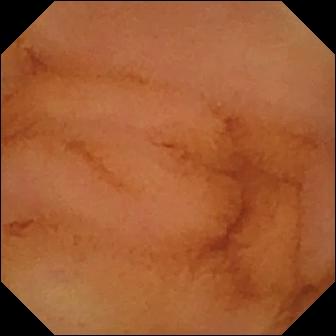Video capsule endoscopy frame (small bowel). Normal clean mucosa.